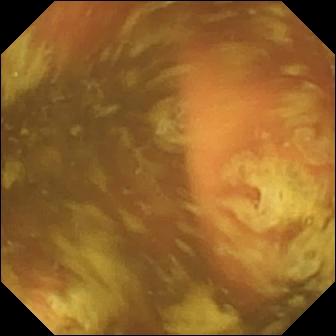PROCEDURE: WCE.
VIDEO SEGMENT: Ileo-cecal valve region.